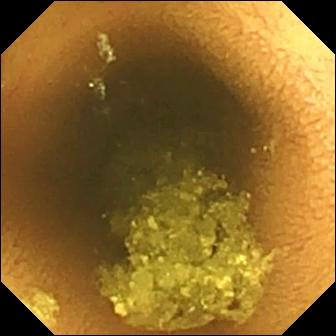Normal clean mucosa.